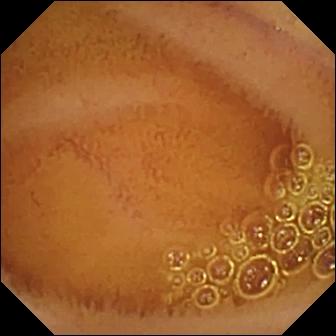Video capsule endoscopy image (small bowel). Normal clean mucosa.